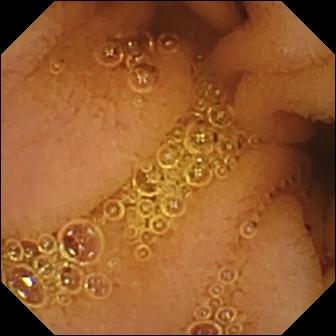Wireless capsule endoscopy. Finding: normal clean mucosa.